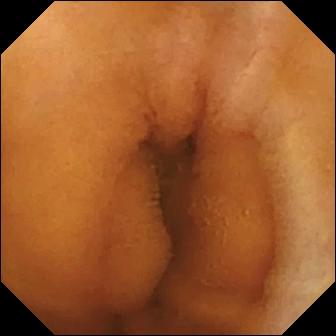Video capsule endoscopy — normal clean mucosa.